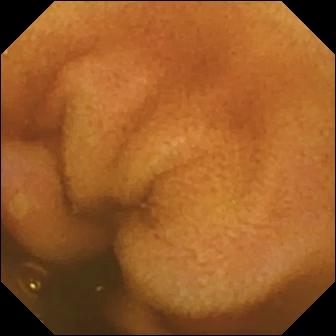Video capsule endoscopy frame
Label: erosion